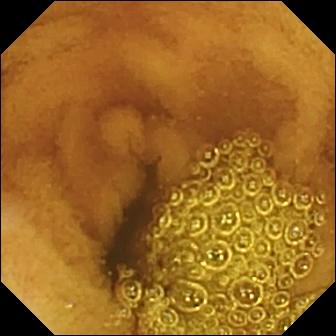- modality: VCE
- category: luminal finding
- finding: normal clean mucosa